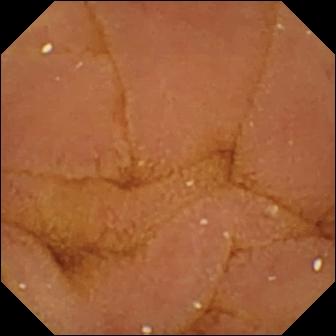- modality: small-bowel capsule endoscopy
- segment: small bowel
- label: normal clean mucosa